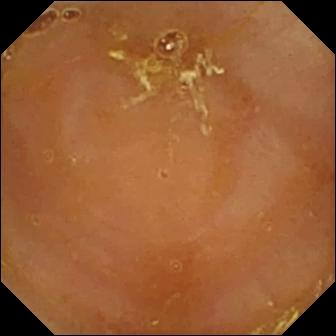Q: What does this capsule endoscopy snapshot of the small bowel show?
A: Reduced mucosal view (content or bubbles obscuring the mucosa).